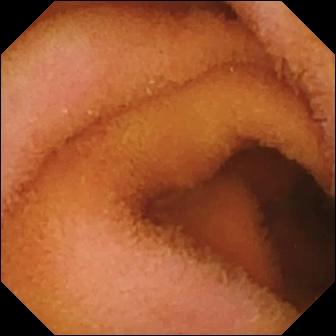modality: small-bowel capsule endoscopy; segment: small intestine; impression: normal clean mucosa